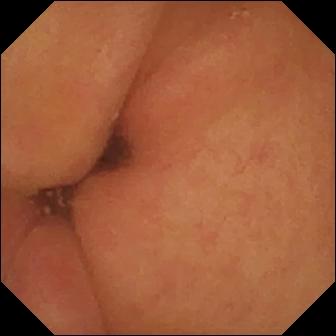Wireless capsule endoscopy snapshot
Location: pylorus region